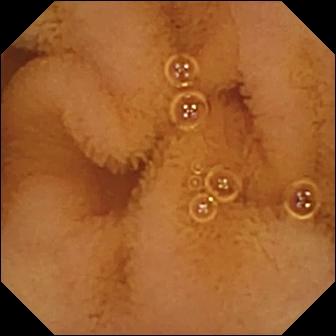Q: What does this wireless capsule endoscopy snapshot of the small bowel show?
A: Normal clean mucosa.